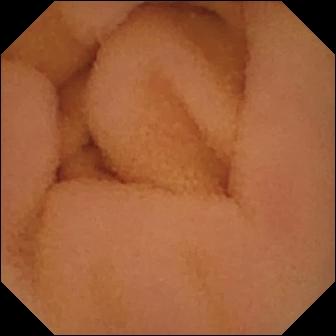{"modality": "wireless capsule endoscopy", "finding": "normal clean mucosa"}